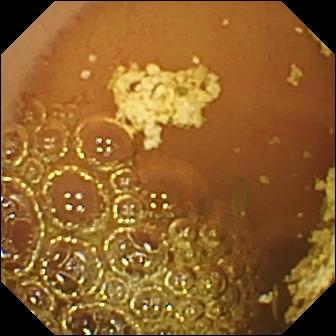Normal clean mucosa (336×336).